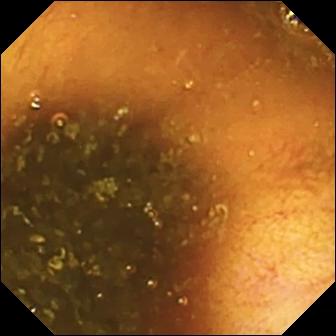Wireless capsule endoscopy snapshot taken in the ileo-cecal valve region (where the capsule passes from the small bowel into the large bowel).